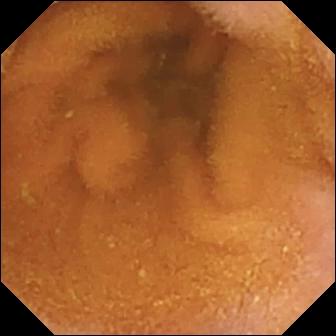Normal clean mucosa — small-bowel capsule endoscopy snapshot.